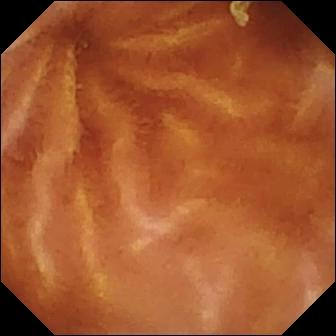Capsule endoscopy image, small intestine
Label: normal clean mucosa